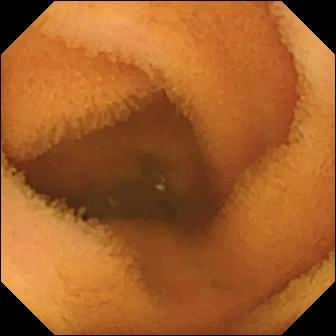Video capsule endoscopy frame of the small bowel showing normal clean mucosa.